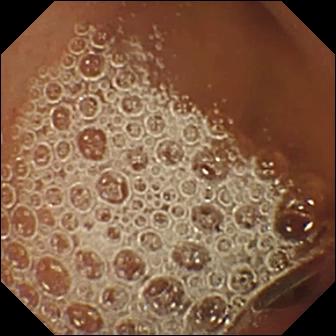- modality: small-bowel capsule endoscopy
- finding: normal clean mucosa